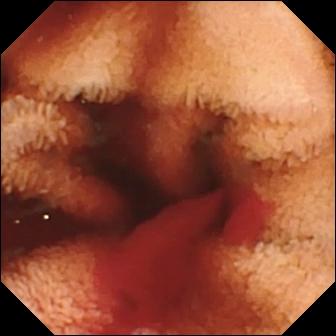Video capsule endoscopy — fresh blood in the lumen.